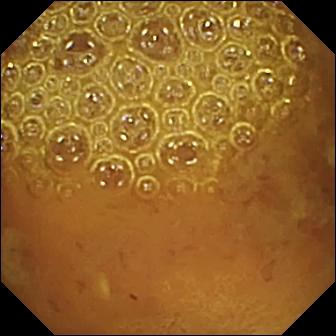{"modality": "capsule endoscopy", "category": "luminal finding", "finding": "reduced mucosal view (content or bubbles obscuring the mucosa)"}